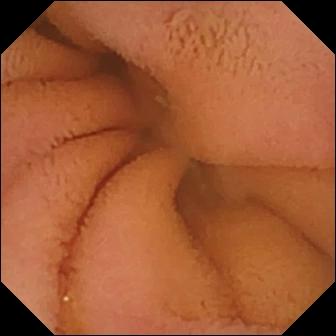PROCEDURE: Capsule endoscopy.
SEGMENT: Small intestine.
FINDINGS: Normal clean mucosa.